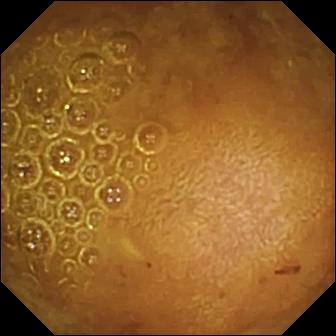Wireless capsule endoscopy — reduced mucosal view (content or bubbles obscuring the mucosa).